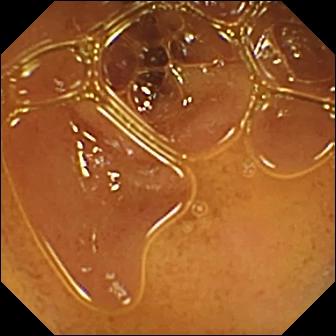{"modality": "WCE", "segment": "small intestine", "finding": "normal clean mucosa"}